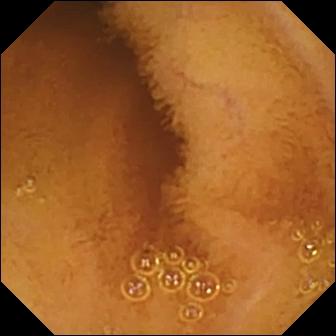Normal clean mucosa.